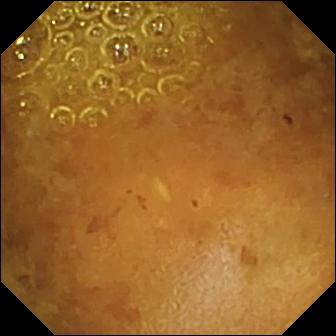Reduced mucosal view (content or bubbles obscuring the mucosa) — small-bowel capsule endoscopy still.